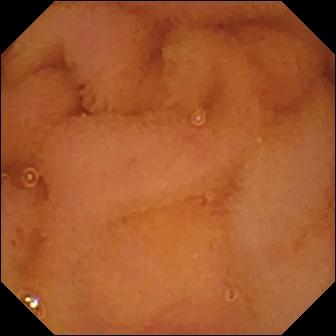Capsule endoscopy frame (small intestine). Normal clean mucosa.